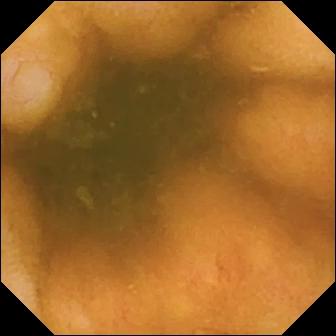Small-bowel capsule endoscopy. Video segment: ileo-cecal valve region (the transition from the small bowel to the large bowel).